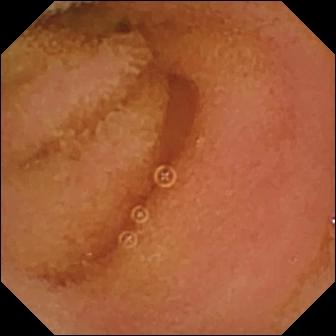This capsule endoscopy image shows normal clean mucosa.